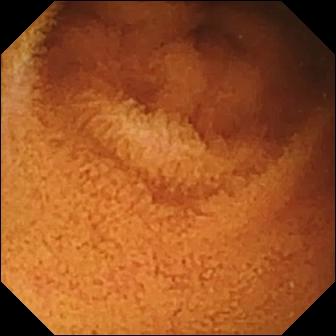PROCEDURE: Capsule endoscopy.
SEGMENT: Small intestine.
FINDINGS: Normal clean mucosa.